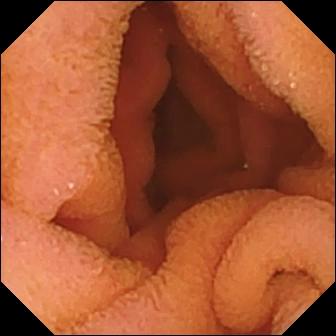Q: What does this WCE view show?
A: Normal clean mucosa.